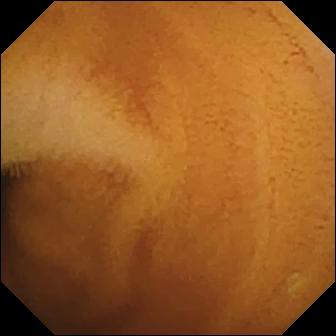Normal clean mucosa — wireless capsule endoscopy view.